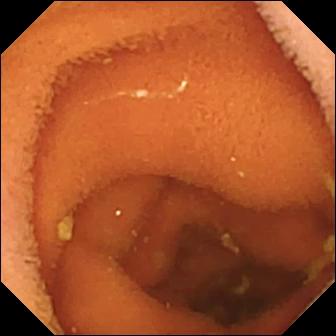Small-bowel capsule endoscopy frame, small intestine
Label: normal clean mucosa